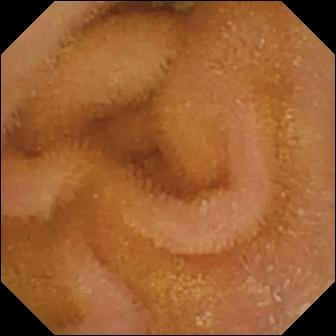Normal clean mucosa — capsule endoscopy view of the small bowel.